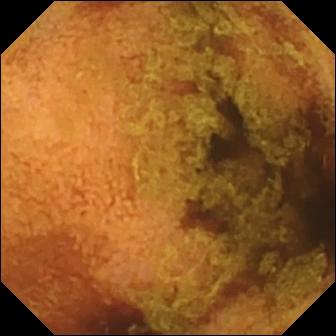PROCEDURE: VCE.
SEGMENT: Small intestine.
FINDINGS: Normal clean mucosa.